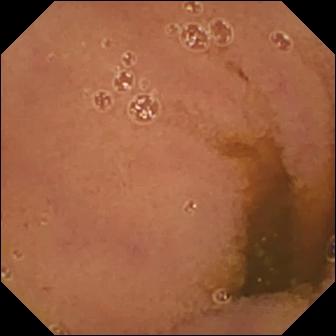Small-bowel capsule endoscopy image (small intestine). Normal clean mucosa.